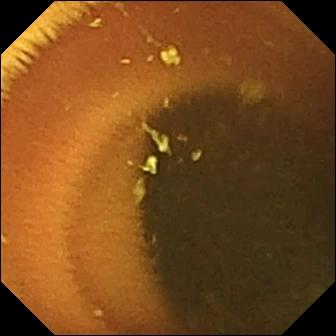{"modality": "video capsule endoscopy", "category": "luminal finding", "finding": "normal clean mucosa"}